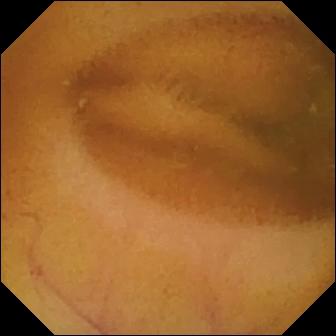Wireless capsule endoscopy. Impression: normal clean mucosa.